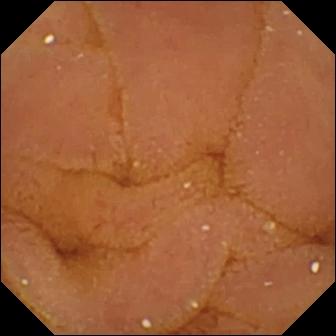PROCEDURE: Small-bowel capsule endoscopy.
FINDINGS: Normal clean mucosa.